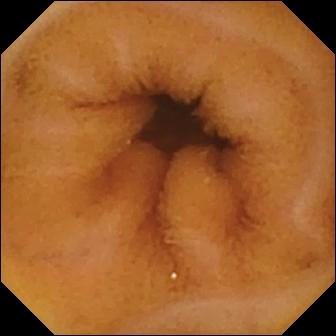This WCE frame of the small bowel shows normal clean mucosa.